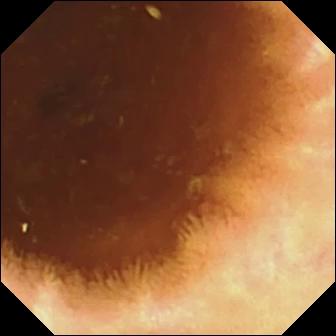Wireless capsule endoscopy image of the small bowel showing normal clean mucosa.